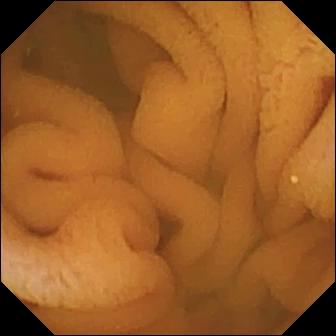{"modality": "small-bowel capsule endoscopy", "segment": "small intestine", "category": "luminal finding", "finding": "normal clean mucosa"}